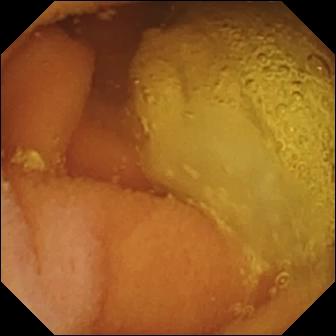- modality: small-bowel capsule endoscopy
- category: luminal finding
- impression: normal clean mucosa